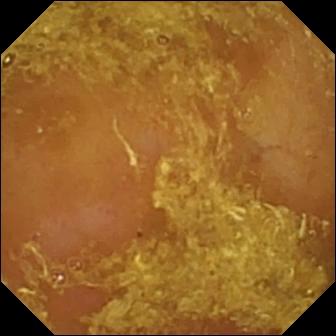- modality: capsule endoscopy
- segment: small intestine
- category: luminal finding
- label: reduced mucosal view (content or bubbles obscuring the mucosa)